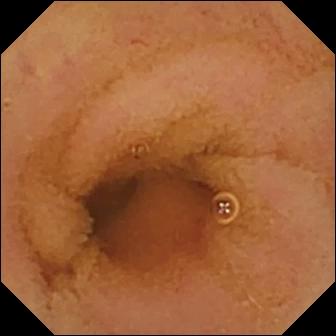{"modality": "WCE", "segment": "small bowel", "finding": "normal clean mucosa"}